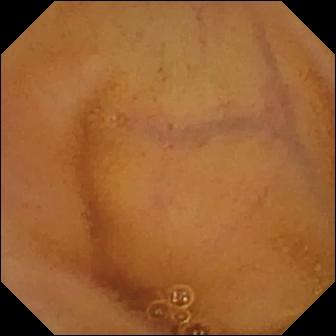WCE view of the small bowel showing normal clean mucosa.